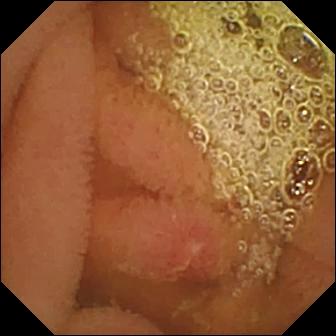Erosion — capsule endoscopy view.